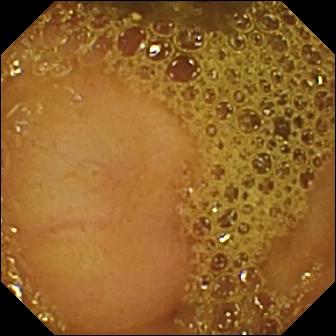{"modality": "capsule endoscopy", "category": "anatomical landmark", "position": "ileo-cecal valve region"}